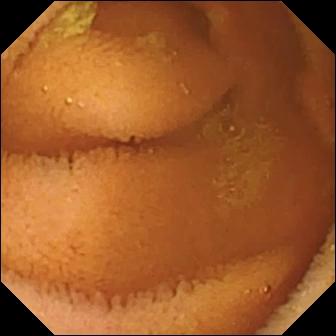{"modality": "small-bowel capsule endoscopy", "segment": "small intestine", "category": "luminal finding", "finding": "normal clean mucosa"}